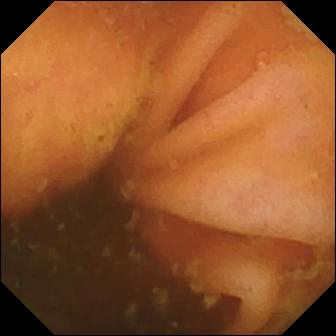{"modality": "wireless capsule endoscopy", "category": "anatomical landmark", "label": "ileo-cecal valve region (the transition from the small bowel to the large bowel)"}